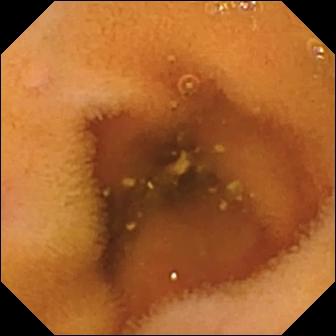Q: What does this small-bowel capsule endoscopy still of the small intestine show?
A: Normal clean mucosa.